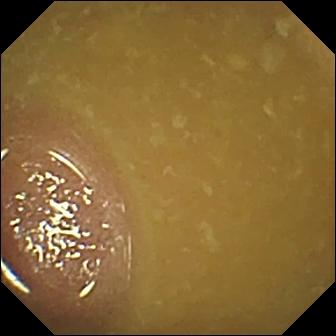This small-bowel capsule endoscopy snapshot was taken in the ileo-cecal valve region (the transition from the small bowel to the large bowel).